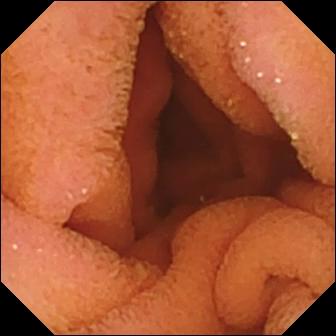Q: What does this WCE snapshot show?
A: Normal clean mucosa.